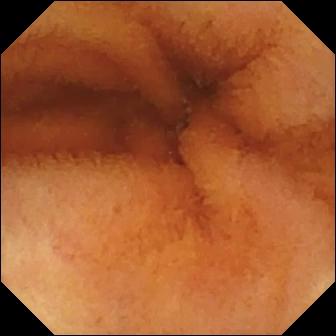- modality: video capsule endoscopy
- segment: small intestine
- label: normal clean mucosa